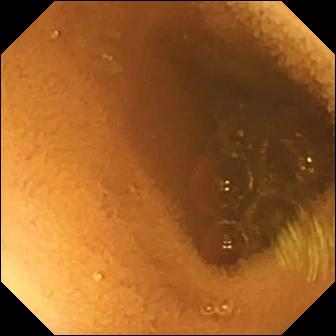VCE. Luminal finding. Label: normal clean mucosa.